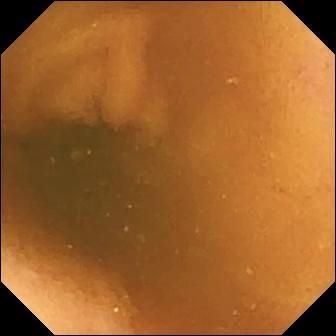This video capsule endoscopy image shows normal clean mucosa.